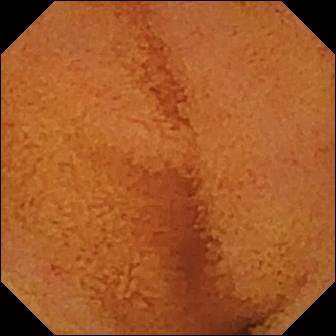Normal clean mucosa — video capsule endoscopy snapshot of the small bowel.